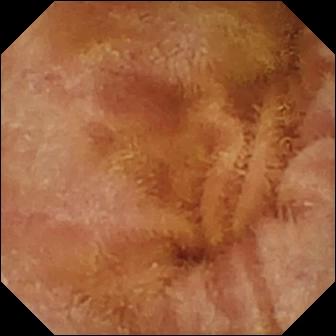{"modality": "small-bowel capsule endoscopy", "category": "luminal finding", "finding": "normal clean mucosa"}